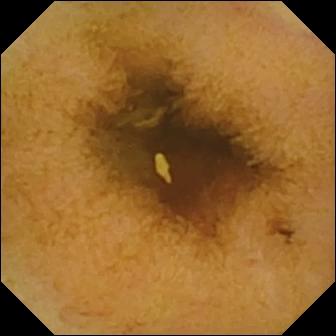WCE. Finding: normal clean mucosa.